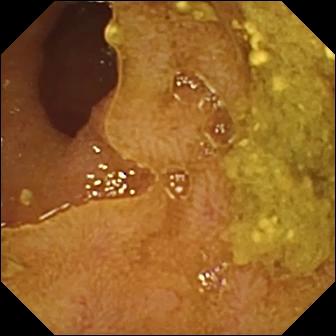Wireless capsule endoscopy frame. Taken in the ileo-cecal valve region (where the capsule passes from the small bowel into the large bowel).